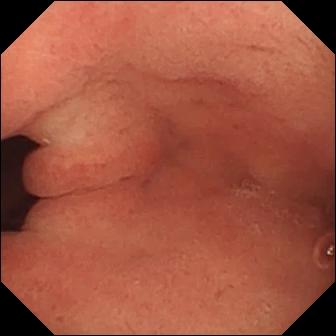- modality: WCE
- category: anatomical landmark
- location: pylorus region